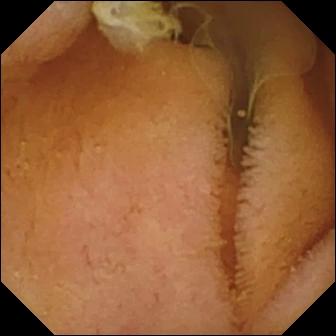This video capsule endoscopy still of the small intestine shows normal clean mucosa.